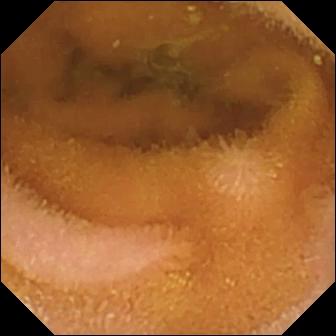Normal clean mucosa (336×336).